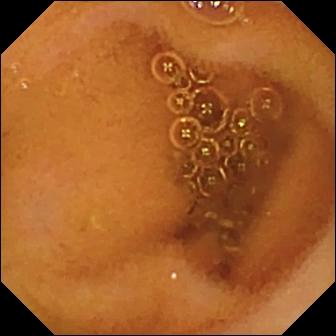Normal clean mucosa — capsule endoscopy image of the small bowel.